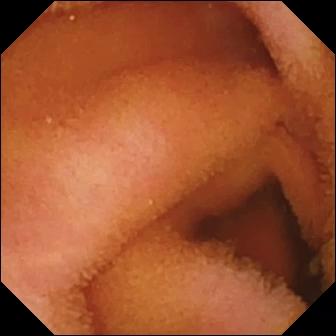Wireless capsule endoscopy — normal clean mucosa.